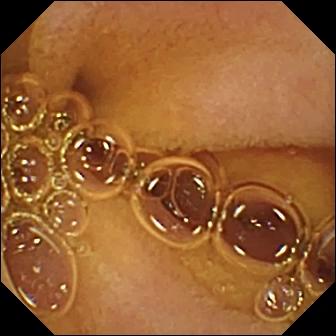Q: What does this wireless capsule endoscopy snapshot show?
A: Normal clean mucosa.